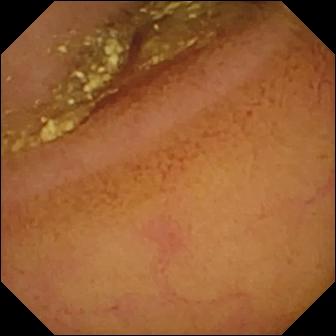{"modality": "capsule endoscopy", "finding": "normal clean mucosa"}